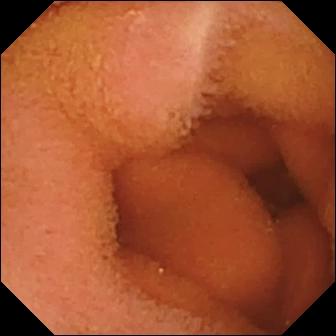Normal clean mucosa.